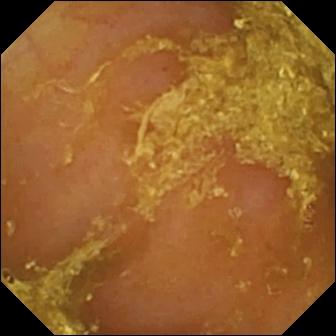{"modality": "capsule endoscopy", "segment": "small intestine", "category": "luminal finding", "finding": "reduced mucosal view (content or bubbles obscuring the mucosa)"}